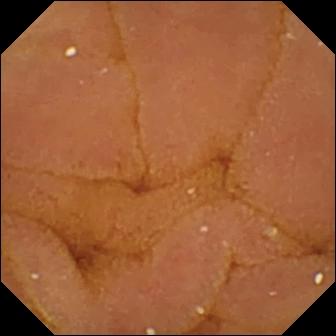Capsule endoscopy — normal clean mucosa.